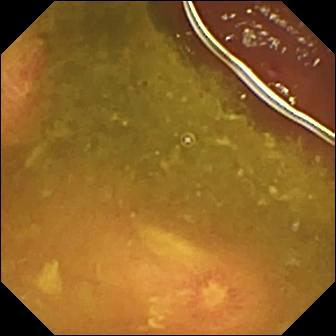Video capsule endoscopy — ulcer.